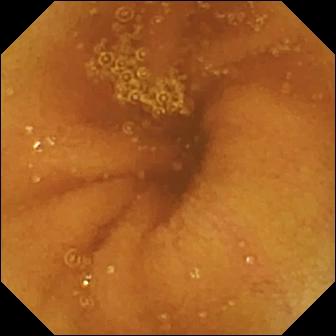{"modality": "video capsule endoscopy", "finding": "normal clean mucosa"}